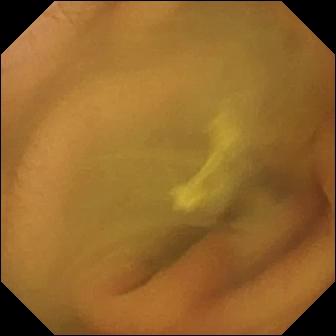{"modality": "video capsule endoscopy", "finding": "normal clean mucosa"}